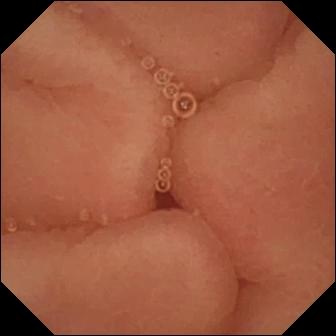Small-bowel capsule endoscopy snapshot
Video segment: pylorus region